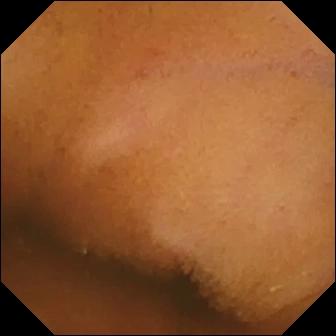modality: capsule endoscopy; segment: small bowel; category: luminal finding; finding: normal clean mucosa